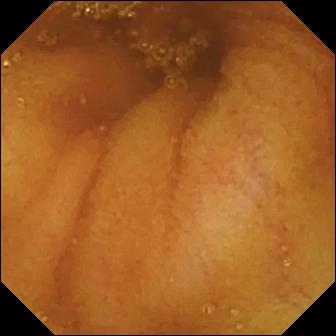PROCEDURE: Small-bowel capsule endoscopy.
SEGMENT: Small bowel.
FINDINGS: Normal clean mucosa.